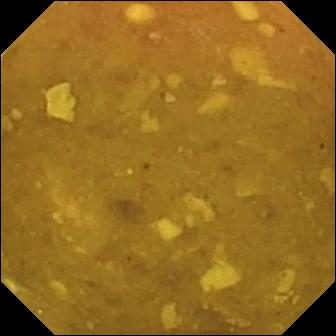Reduced mucosal view (content or bubbles obscuring the mucosa) (336×336).